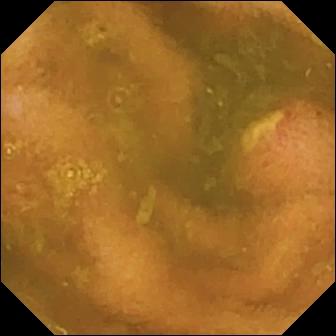Small-bowel capsule endoscopy — ulcer.